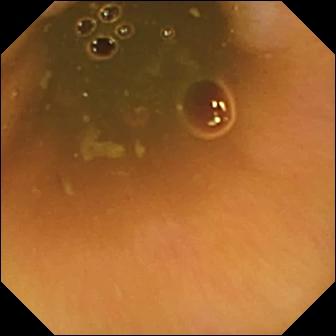WCE — ileo-cecal valve region.